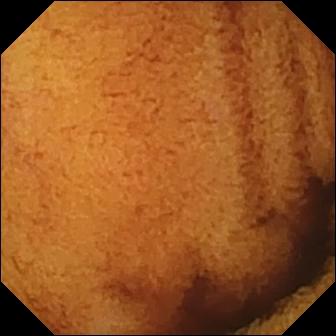WCE view showing normal clean mucosa.